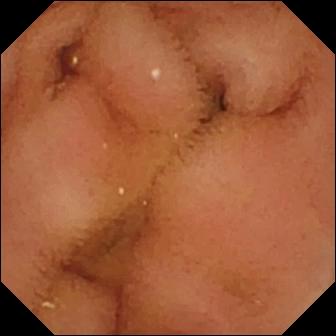Video capsule endoscopy still
Label: normal clean mucosa